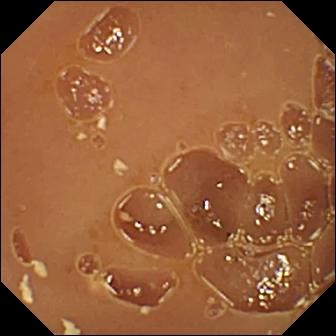modality: video capsule endoscopy | finding: normal clean mucosa